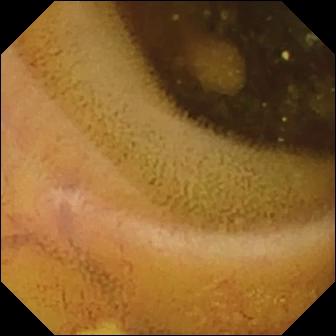Wireless capsule endoscopy still
Finding: lymphangiectasia